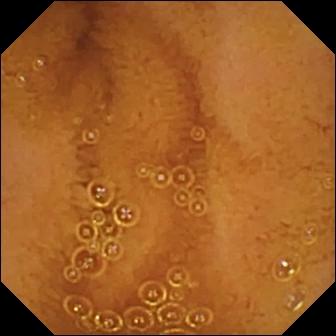modality: VCE; category: luminal finding; impression: normal clean mucosa